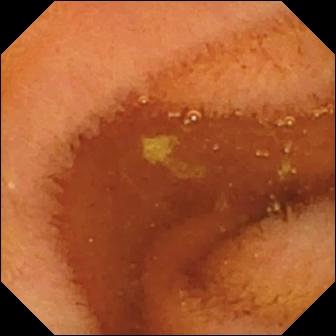Small-bowel capsule endoscopy frame (small intestine). Normal clean mucosa.